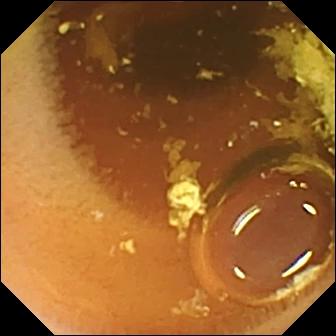modality: VCE | impression: normal clean mucosa